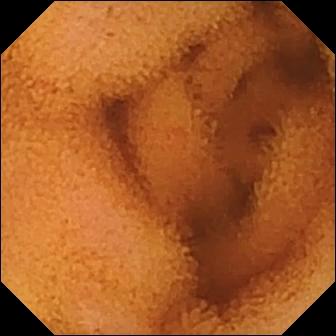Video capsule endoscopy frame, 336×336. Normal clean mucosa.